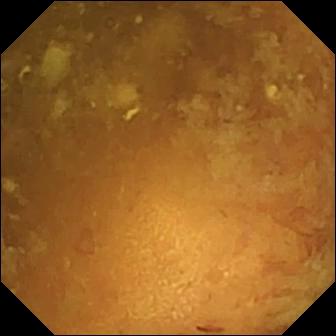Small-bowel capsule endoscopy image. Reduced mucosal view (content or bubbles obscuring the mucosa).